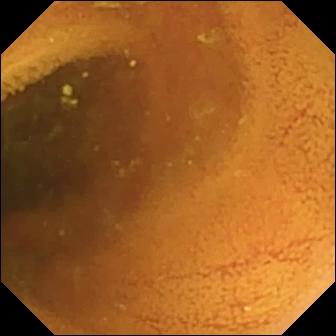Normal clean mucosa.